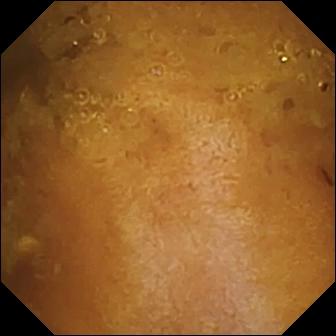VCE — reduced mucosal view (content or bubbles obscuring the mucosa).